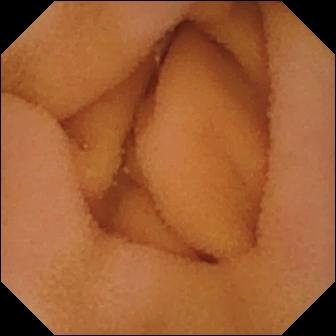- modality: capsule endoscopy
- segment: small intestine
- label: normal clean mucosa